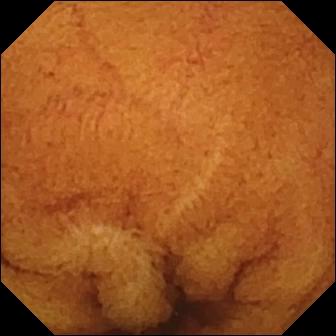{"modality": "capsule endoscopy", "segment": "small bowel", "finding": "normal clean mucosa"}